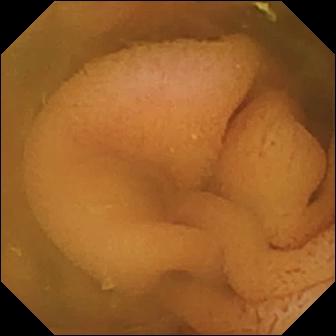VCE still (small intestine). Normal clean mucosa.